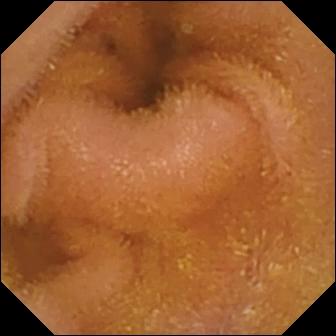Video capsule endoscopy. Small bowel. Observation: normal clean mucosa.